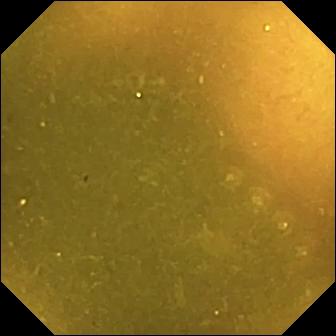Video capsule endoscopy snapshot taken in the ileo-cecal valve region (the transition from the small bowel to the large bowel).